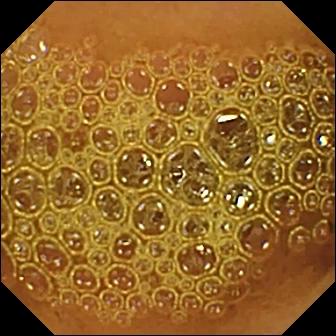- modality: wireless capsule endoscopy
- category: luminal finding
- label: reduced mucosal view (content or bubbles obscuring the mucosa)